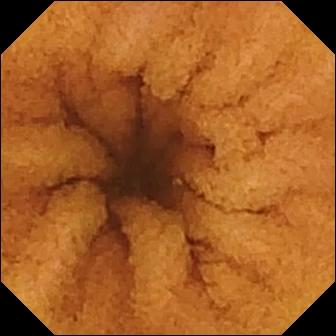Wireless capsule endoscopy snapshot (small bowel). Normal clean mucosa.